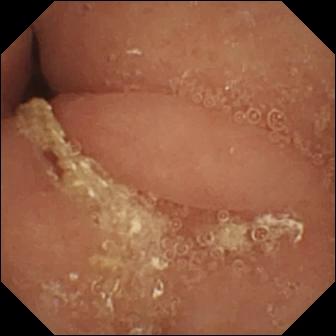This small-bowel capsule endoscopy snapshot was taken in the pylorus region (where the capsule passes from the stomach into the small bowel).